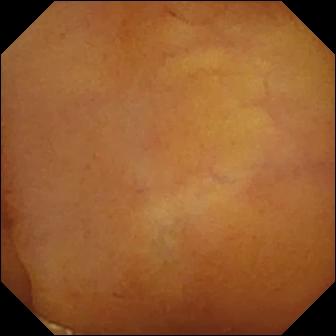Capsule endoscopy frame (small intestine). Normal clean mucosa.